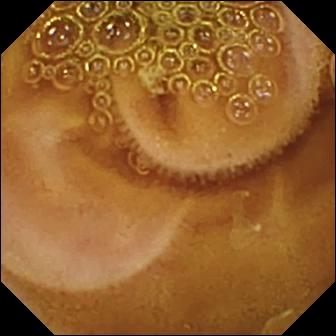{"modality": "WCE", "segment": "small intestine", "finding": "normal clean mucosa"}